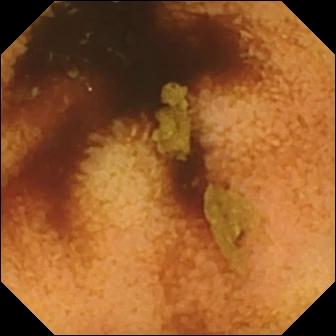Small-bowel capsule endoscopy — normal clean mucosa.